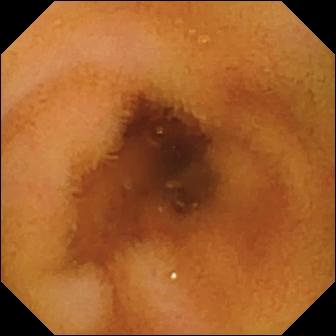Video capsule endoscopy. Small intestine. Label: normal clean mucosa.